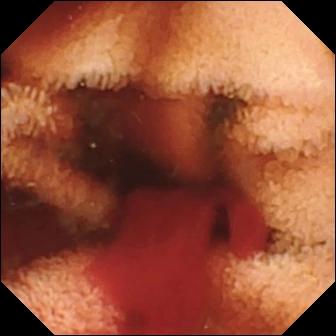This wireless capsule endoscopy image shows fresh blood in the lumen.